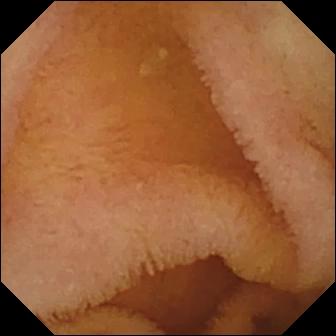Q: What does this small-bowel capsule endoscopy view show?
A: Normal clean mucosa.